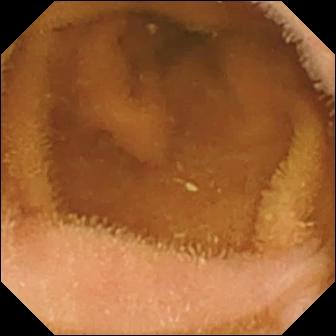modality: VCE; segment: small intestine; impression: normal clean mucosa